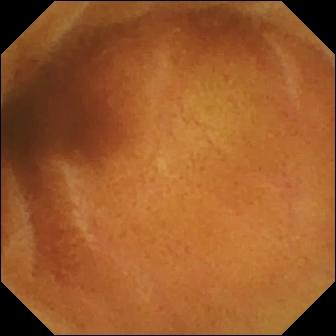Normal clean mucosa — capsule endoscopy image of the small intestine.